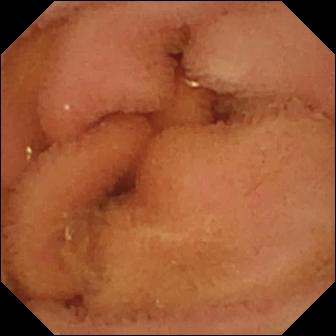Normal clean mucosa (336×336).